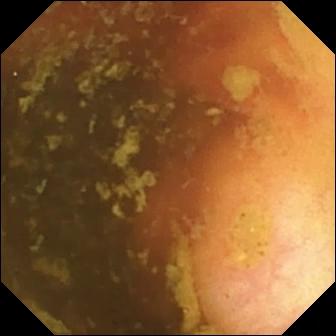VCE image. Taken in the ileo-cecal valve region.